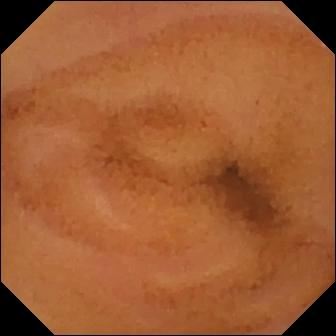PROCEDURE: Capsule endoscopy.
FINDINGS: Normal clean mucosa.